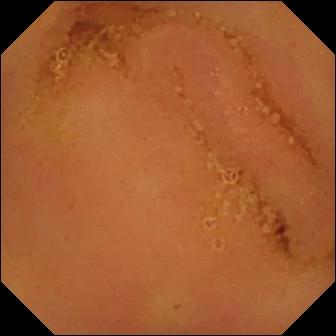Small-bowel capsule endoscopy. Small bowel. Label: normal clean mucosa.